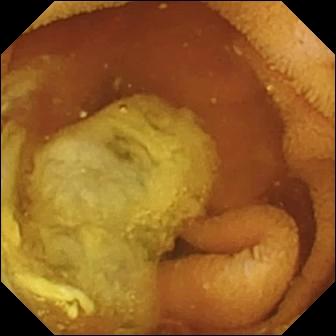Video capsule endoscopy snapshot. Normal clean mucosa.